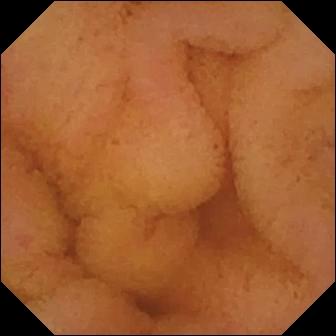- modality: wireless capsule endoscopy
- category: luminal finding
- finding: normal clean mucosa